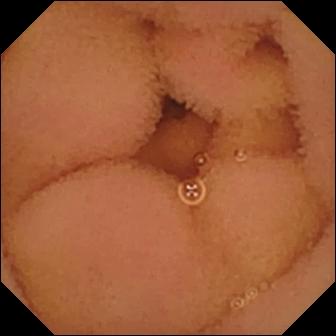Small-bowel capsule endoscopy — normal clean mucosa.